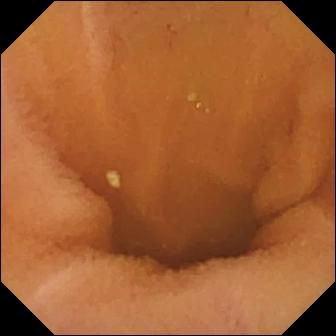modality: video capsule endoscopy; segment: small intestine; category: luminal finding; finding: normal clean mucosa